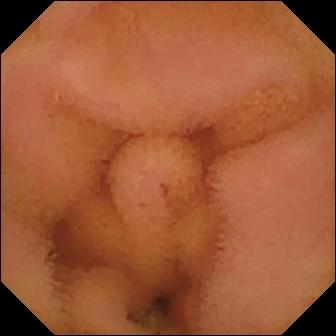{"modality": "wireless capsule endoscopy", "segment": "small bowel", "category": "luminal finding", "finding": "normal clean mucosa"}